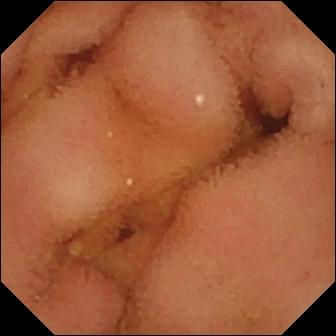Q: What does this small-bowel capsule endoscopy image of the small bowel show?
A: Normal clean mucosa.